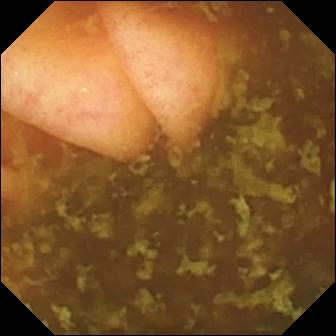Q: Where in the digestive tract was this VCE image taken?
A: Ileo-cecal valve region (where the capsule passes from the small bowel into the large bowel).